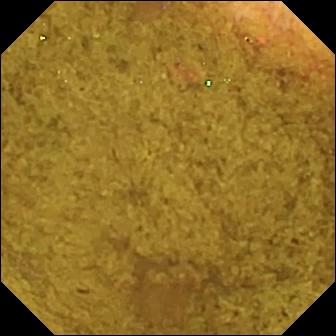WCE image
Label: ileo-cecal valve region (where the capsule passes from the small bowel into the large bowel)